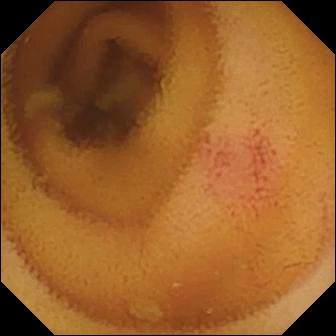modality: wireless capsule endoscopy | finding: angiectasia